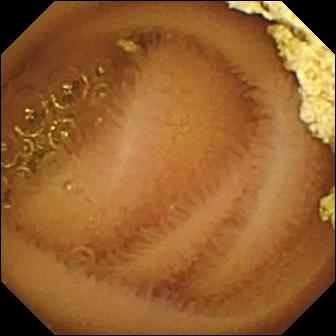- modality: VCE
- segment: small bowel
- category: luminal finding
- observation: normal clean mucosa